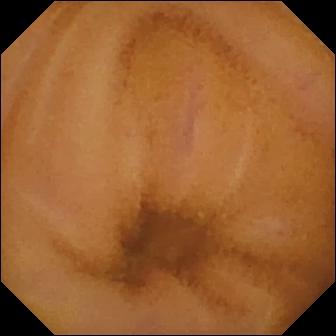- modality: WCE
- segment: small bowel
- category: luminal finding
- finding: normal clean mucosa